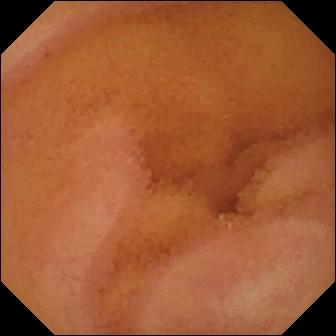This VCE snapshot shows normal clean mucosa.